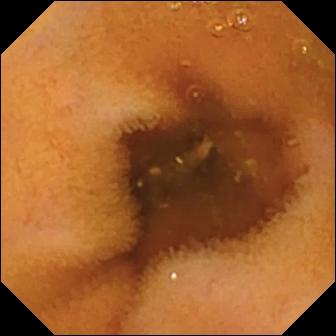Q: What does this wireless capsule endoscopy frame show?
A: Normal clean mucosa.